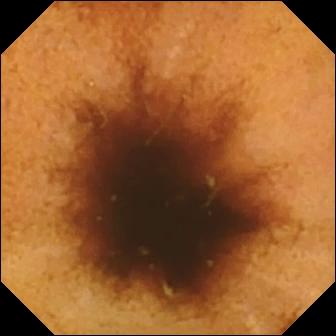Normal clean mucosa (336×336).